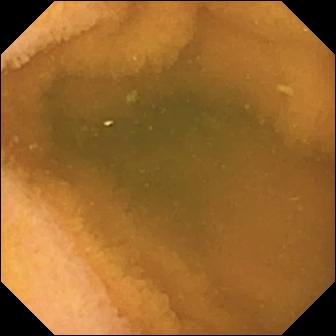{"modality": "video capsule endoscopy", "segment": "small bowel", "finding": "normal clean mucosa"}